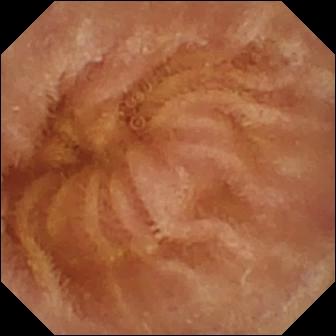- modality: capsule endoscopy
- category: luminal finding
- observation: normal clean mucosa